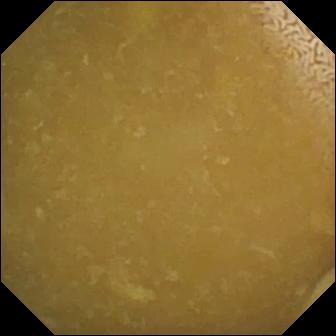Small-bowel capsule endoscopy — ileo-cecal valve region.